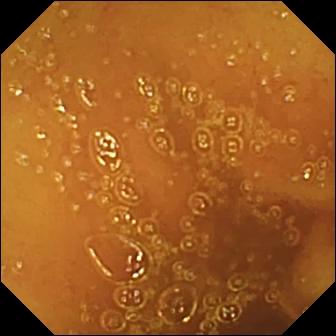Q: What does this VCE snapshot show?
A: Normal clean mucosa.